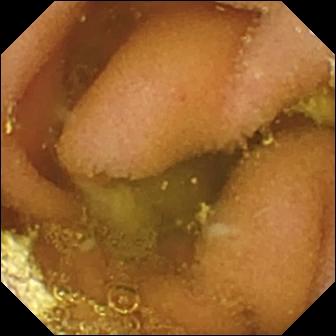Lymphangiectasia — video capsule endoscopy image.